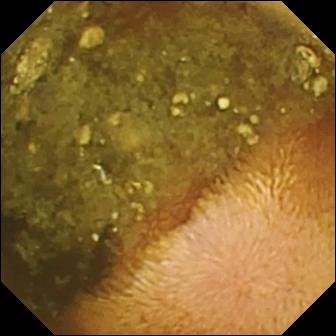PROCEDURE: Capsule endoscopy.
SEGMENT: Small intestine.
FINDINGS: Reduced mucosal view (content or bubbles obscuring the mucosa).